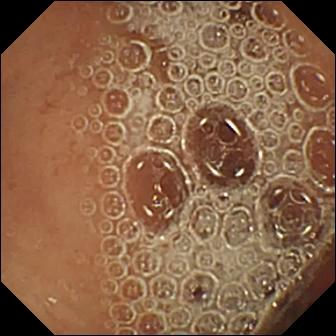VCE — normal clean mucosa.